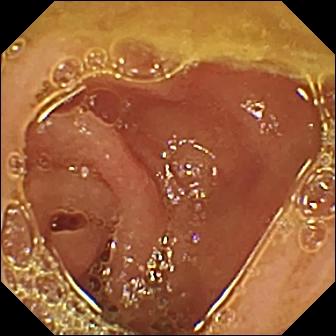Q: What does this video capsule endoscopy view of the small bowel show?
A: Normal clean mucosa.